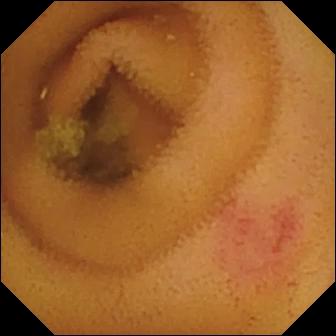PROCEDURE: WCE.
FINDINGS: Angiectasia.